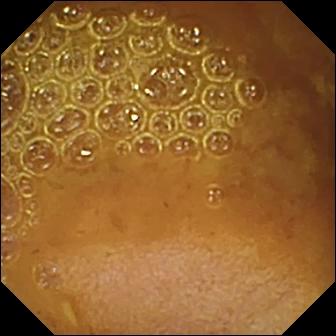Small-bowel capsule endoscopy — reduced mucosal view (content or bubbles obscuring the mucosa).